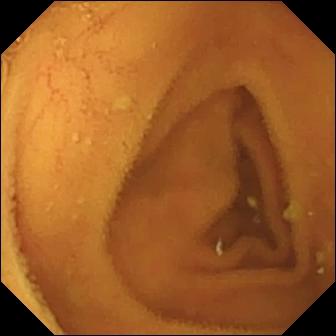Wireless capsule endoscopy frame, small intestine
Observation: normal clean mucosa